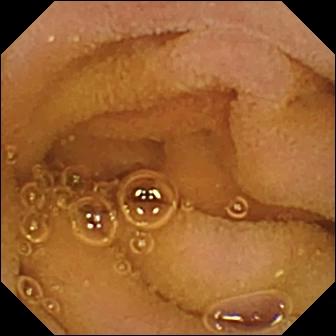{"modality": "small-bowel capsule endoscopy", "segment": "small bowel", "finding": "normal clean mucosa"}